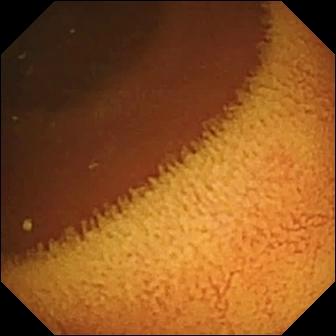{"modality": "video capsule endoscopy", "segment": "small bowel", "category": "luminal finding", "finding": "normal clean mucosa"}